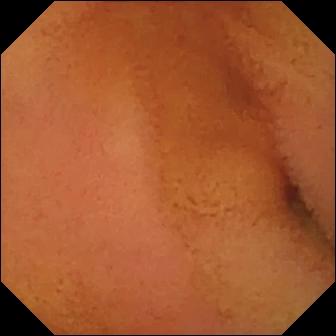Capsule endoscopy image (small intestine), 336×336. Normal clean mucosa.